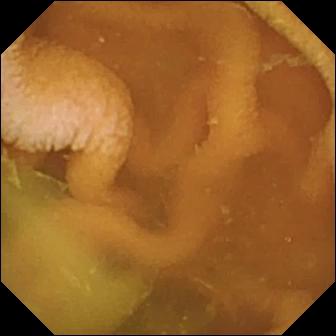- modality: small-bowel capsule endoscopy
- finding: normal clean mucosa